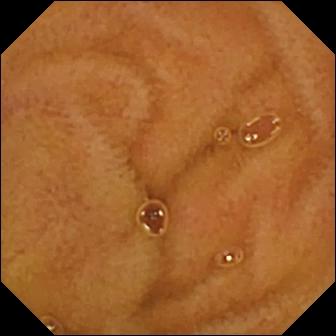Normal clean mucosa — WCE view of the small intestine.